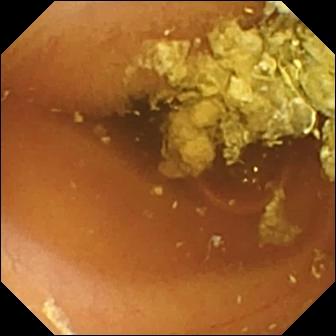Wireless capsule endoscopy view of the small bowel showing normal clean mucosa.